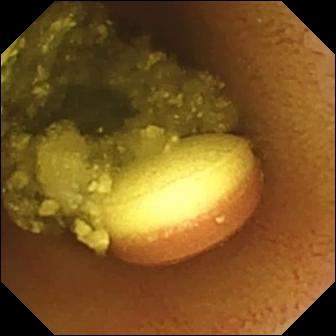Foreign body (e.g. retained capsule, tablet residue) (336×336).